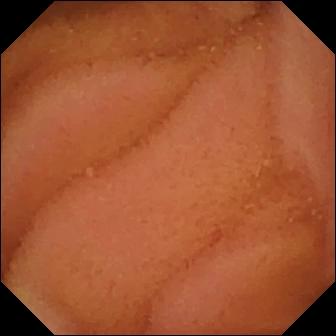Video capsule endoscopy. Small intestine. Label: normal clean mucosa.